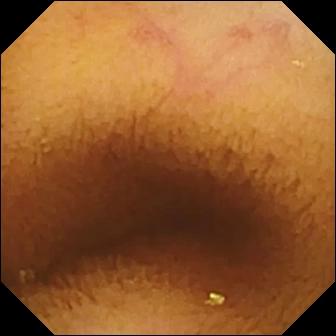Capsule endoscopy — normal clean mucosa.